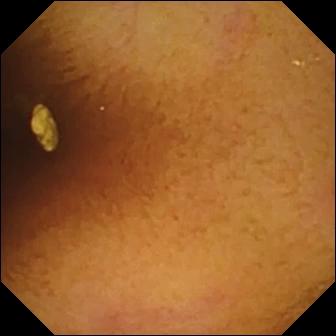Q: What does this video capsule endoscopy image of the small bowel show?
A: Normal clean mucosa.